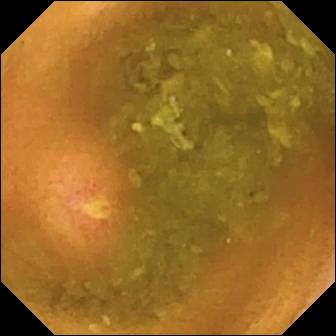WCE frame. Ulcer.